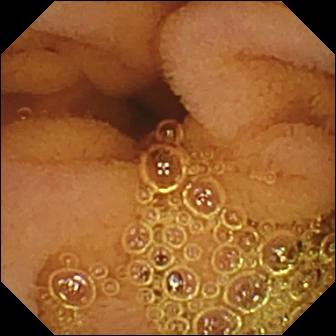Video capsule endoscopy view. Normal clean mucosa.